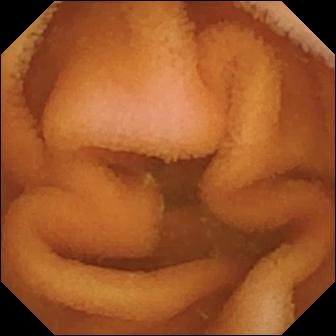Video capsule endoscopy frame, small bowel
Observation: normal clean mucosa